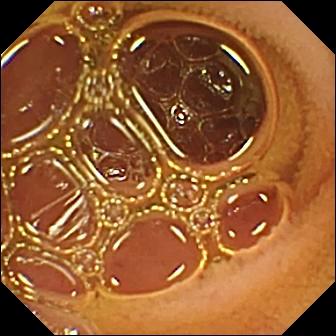- modality: capsule endoscopy
- segment: small bowel
- observation: normal clean mucosa